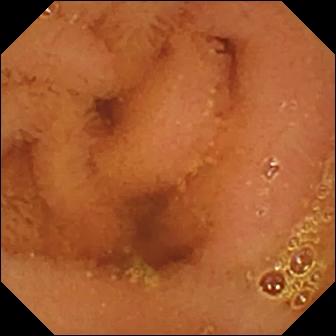- modality: VCE
- finding: normal clean mucosa